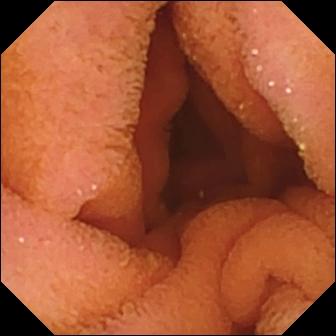Normal clean mucosa — VCE still of the small intestine.